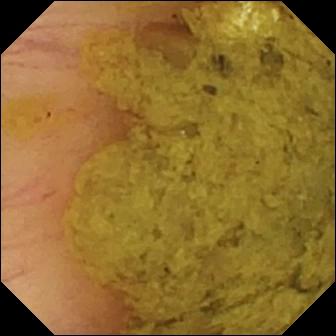This small-bowel capsule endoscopy view was taken in the ileo-cecal valve region (the transition from the small bowel to the large bowel).